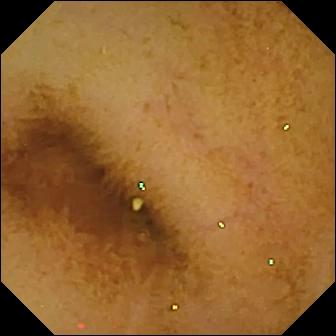modality: small-bowel capsule endoscopy
segment: small bowel
category: luminal finding
finding: normal clean mucosa